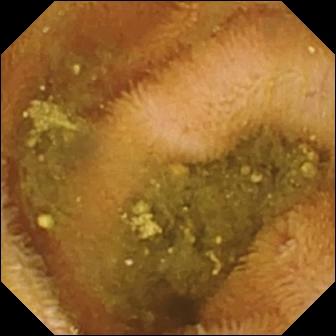- modality: video capsule endoscopy
- segment: small bowel
- category: luminal finding
- label: reduced mucosal view (content or bubbles obscuring the mucosa)